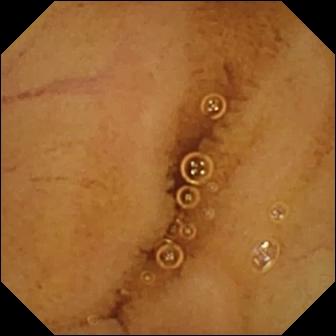Capsule endoscopy view showing normal clean mucosa.